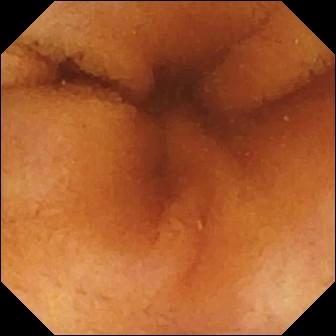This wireless capsule endoscopy view of the small bowel shows normal clean mucosa.